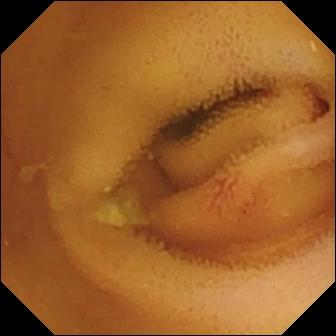WCE image showing angiectasia.